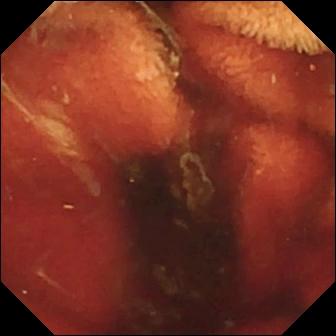Q: What does this capsule endoscopy still show?
A: Fresh blood in the lumen.